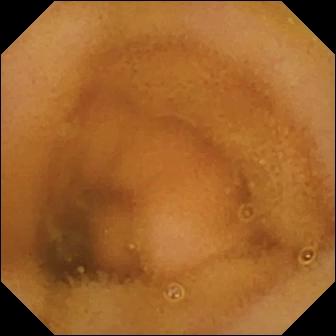VCE snapshot (small intestine), 336×336. Normal clean mucosa.